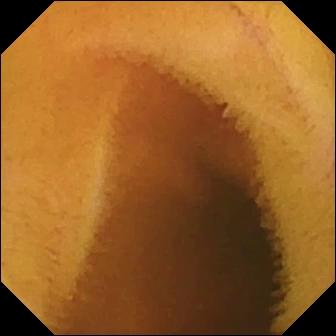This wireless capsule endoscopy snapshot shows normal clean mucosa.